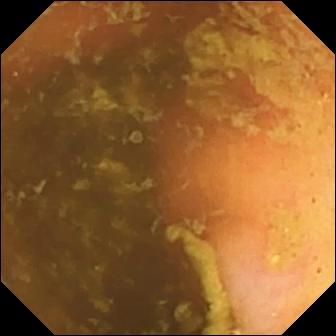{"modality": "WCE", "category": "anatomical landmark", "label": "ileo-cecal valve region"}